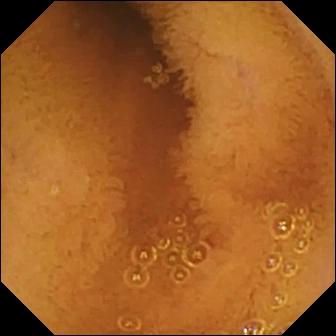Wireless capsule endoscopy — normal clean mucosa.